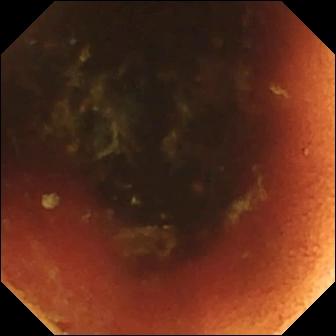VCE frame
Location: ileo-cecal valve region (where the capsule passes from the small bowel into the large bowel)